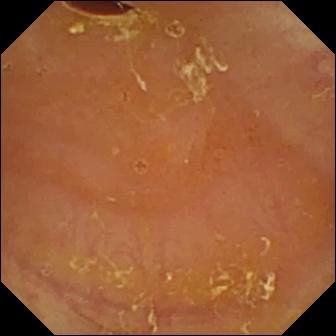modality: WCE; label: reduced mucosal view (content or bubbles obscuring the mucosa)